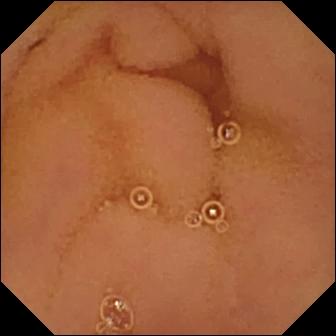This video capsule endoscopy view of the small intestine shows normal clean mucosa.